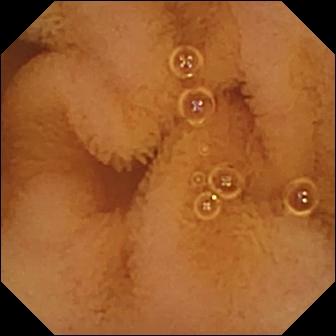- modality: capsule endoscopy
- segment: small intestine
- impression: normal clean mucosa